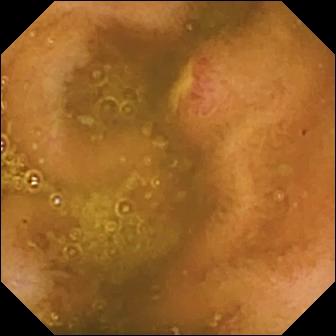Ulcer.